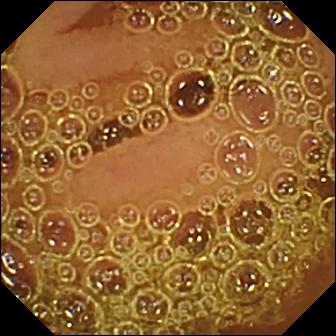WCE image
Impression: normal clean mucosa